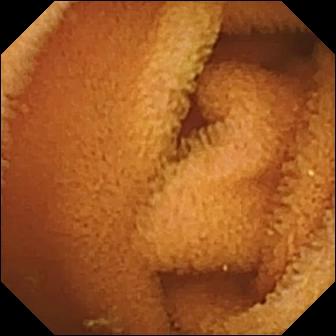Video capsule endoscopy view
Observation: normal clean mucosa